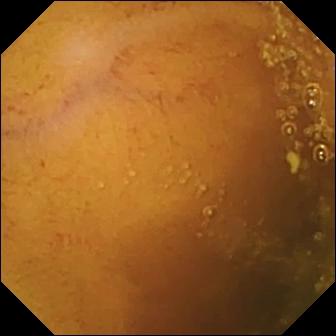Video capsule endoscopy. Luminal finding. Finding: normal clean mucosa.